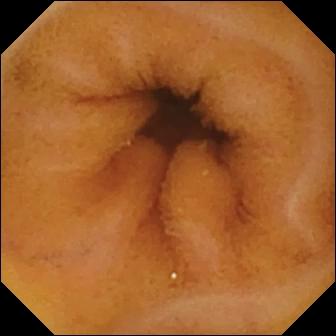{"modality": "wireless capsule endoscopy", "segment": "small bowel", "category": "luminal finding", "finding": "normal clean mucosa"}